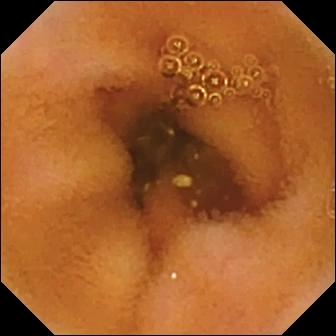Q: What does this WCE image of the small bowel show?
A: Normal clean mucosa.